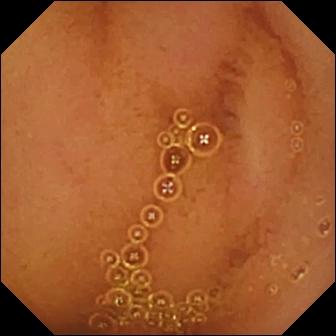PROCEDURE: Capsule endoscopy.
SEGMENT: Small bowel.
FINDINGS: Normal clean mucosa.